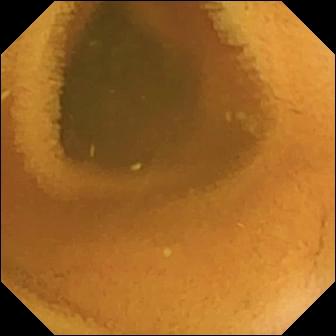VCE image
Finding: normal clean mucosa